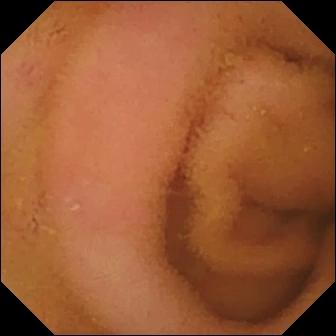Q: What does this wireless capsule endoscopy frame of the small bowel show?
A: Normal clean mucosa.